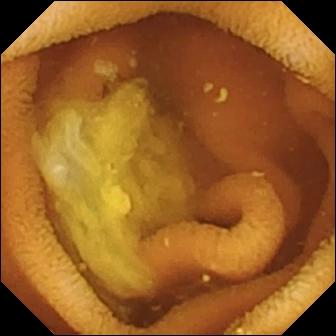This capsule endoscopy snapshot shows normal clean mucosa.